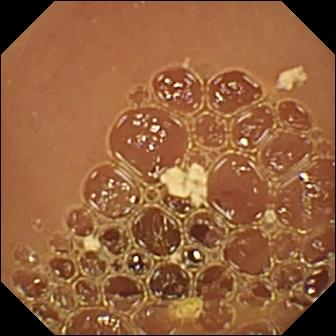Capsule endoscopy snapshot, small intestine
Observation: normal clean mucosa